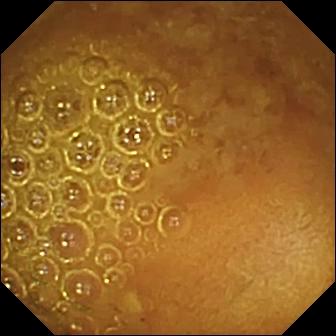Capsule endoscopy. Small bowel. Finding: reduced mucosal view (content or bubbles obscuring the mucosa).